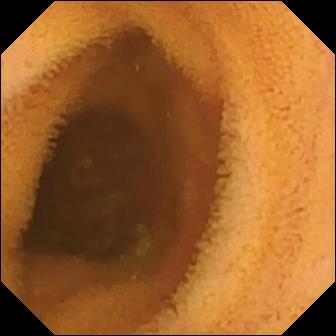VCE view, small bowel
Label: normal clean mucosa